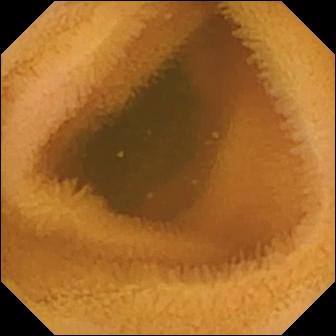{"modality": "VCE", "finding": "normal clean mucosa"}